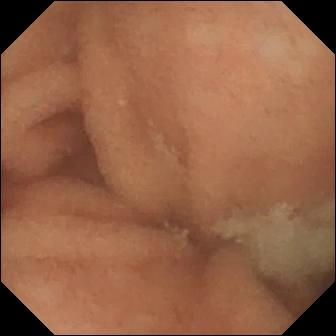Capsule endoscopy view
Label: normal clean mucosa